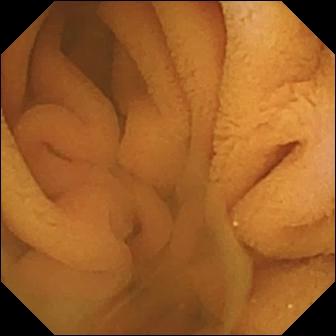Normal clean mucosa (336×336).